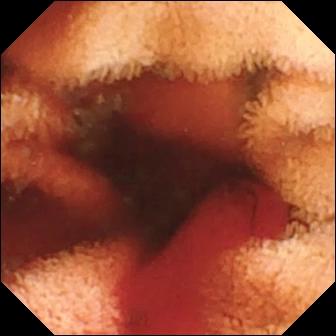Fresh blood in the lumen — VCE snapshot.